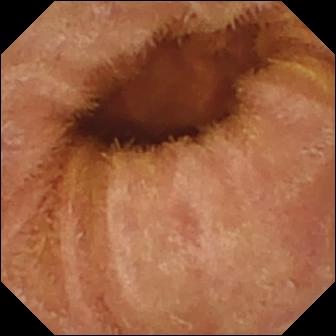modality: VCE | segment: small intestine | finding: normal clean mucosa